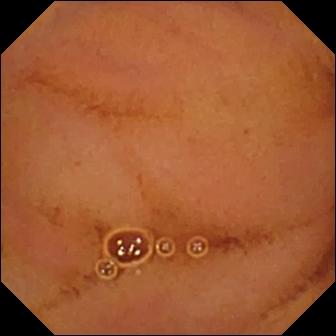Capsule endoscopy snapshot showing normal clean mucosa.